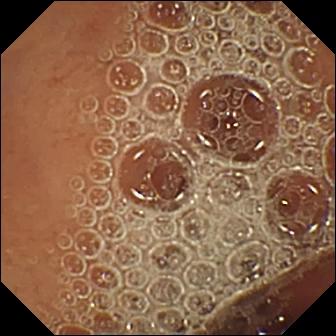Normal clean mucosa — WCE still.